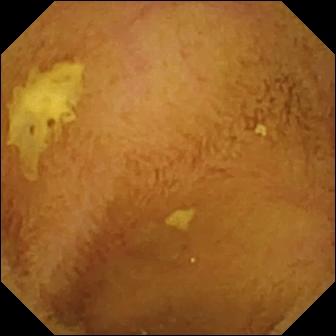VCE image
Label: normal clean mucosa